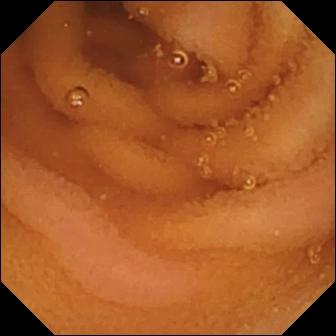Normal clean mucosa.